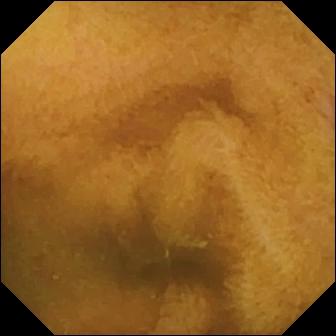PROCEDURE: WCE.
FINDINGS: Normal clean mucosa.